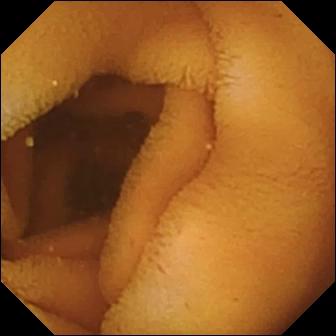PROCEDURE: WCE.
FINDINGS: Normal clean mucosa.